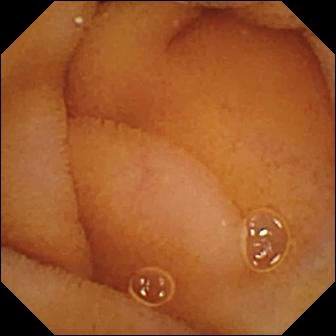VCE still of the small bowel showing normal clean mucosa.